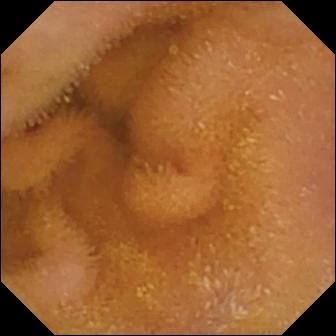Normal clean mucosa (336×336).